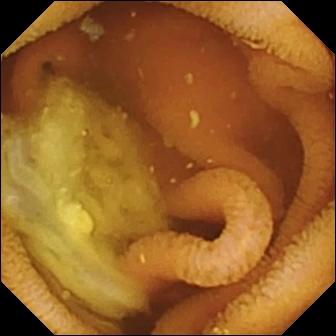This capsule endoscopy frame shows normal clean mucosa.